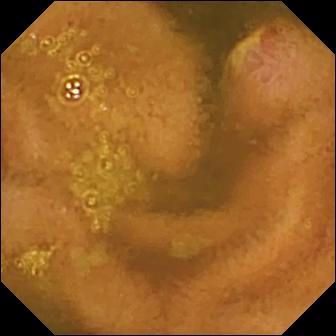modality: VCE | observation: ulcer